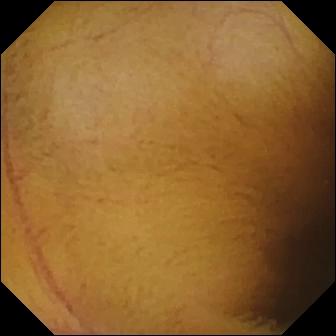Normal clean mucosa — wireless capsule endoscopy still.